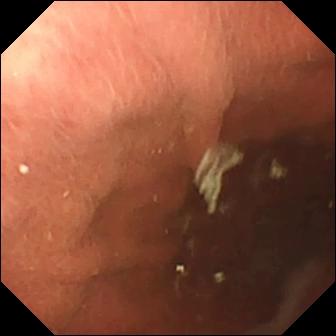PROCEDURE: VCE.
LABEL: Pylorus region.